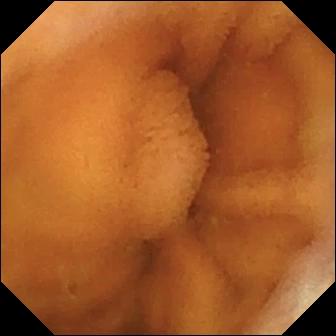Normal clean mucosa — wireless capsule endoscopy view of the small intestine.